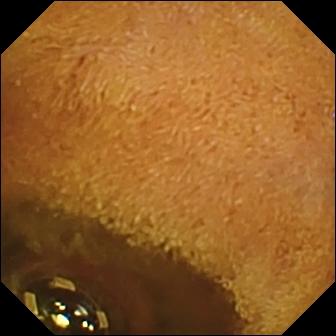Wireless capsule endoscopy snapshot, 336×336. Foreign body (e.g. retained capsule, tablet residue).